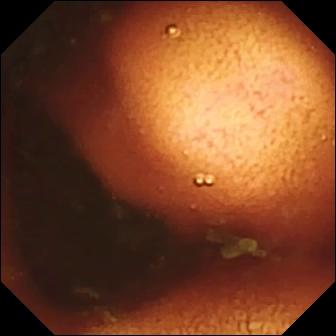Ileo-cecal valve region (where the capsule passes from the small bowel into the large bowel), 336×336.